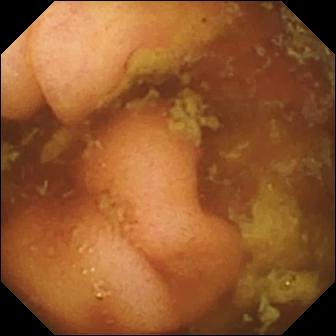Capsule endoscopy. Video segment: ileo-cecal valve region (where the capsule passes from the small bowel into the large bowel).